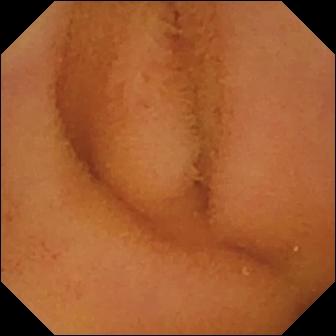Normal clean mucosa.